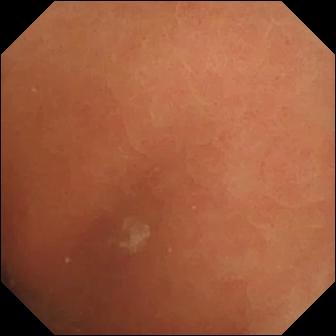{"modality": "video capsule endoscopy", "category": "luminal finding", "finding": "normal clean mucosa"}